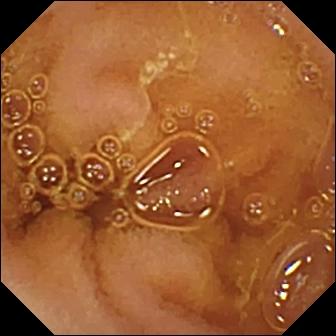Wireless capsule endoscopy — normal clean mucosa.